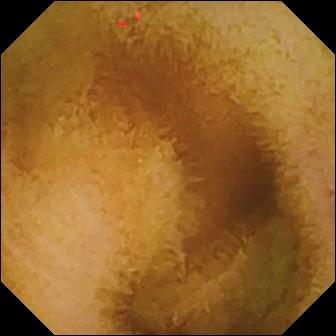VCE. Observation: normal clean mucosa.